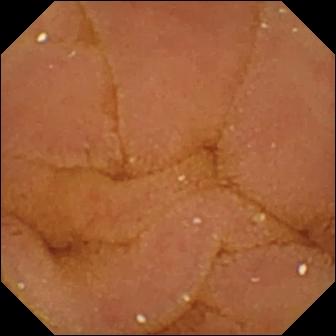WCE image of the small intestine showing normal clean mucosa.